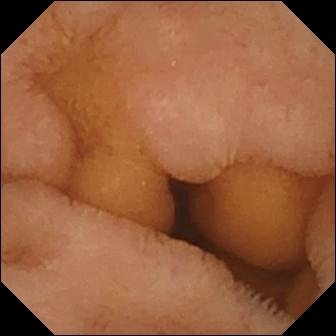Q: What does this wireless capsule endoscopy snapshot of the small bowel show?
A: Normal clean mucosa.